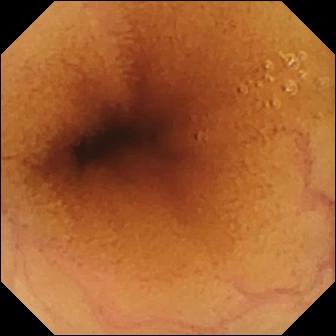WCE. Impression: normal clean mucosa.